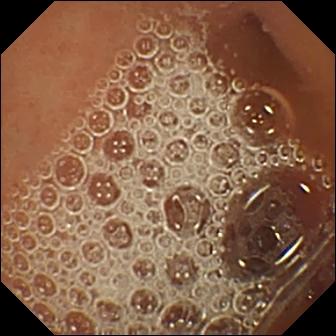This small-bowel capsule endoscopy view shows normal clean mucosa.